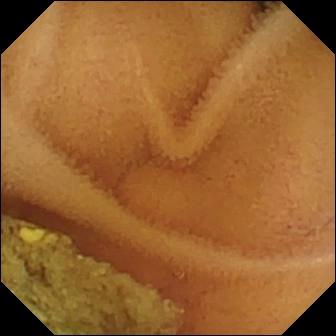modality: video capsule endoscopy | category: luminal finding | finding: normal clean mucosa